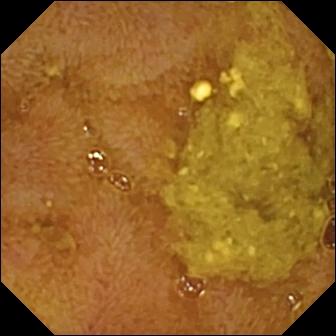Small-bowel capsule endoscopy image taken in the ileo-cecal valve region (where the capsule passes from the small bowel into the large bowel).